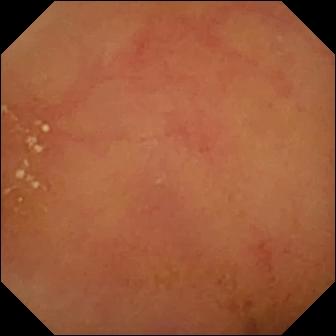PROCEDURE: Capsule endoscopy.
FINDINGS: Normal clean mucosa.